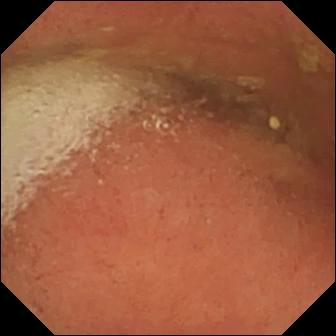Pylorus region — small-bowel capsule endoscopy still.